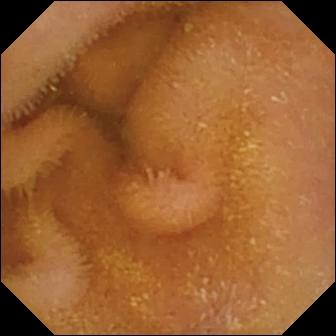- modality: video capsule endoscopy
- category: luminal finding
- finding: normal clean mucosa